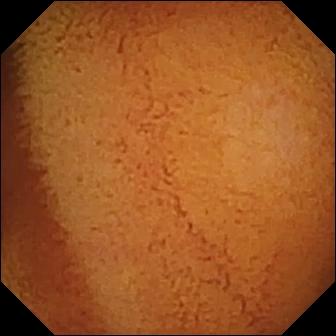Video capsule endoscopy. Small intestine. Label: normal clean mucosa.